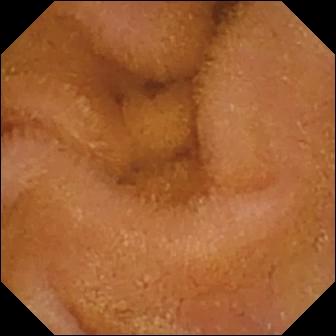PROCEDURE: Capsule endoscopy.
SEGMENT: Small bowel.
FINDINGS: Normal clean mucosa.